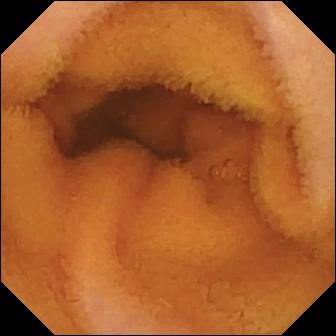Small-bowel capsule endoscopy snapshot (small intestine). Normal clean mucosa.